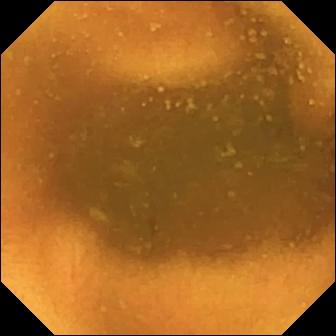Q: What does this VCE image show?
A: Normal clean mucosa.